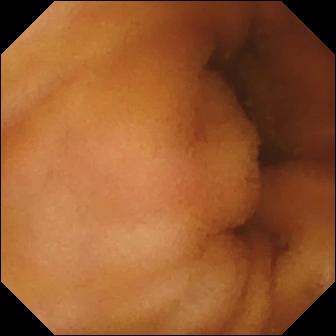- modality: WCE
- segment: small bowel
- category: luminal finding
- label: normal clean mucosa